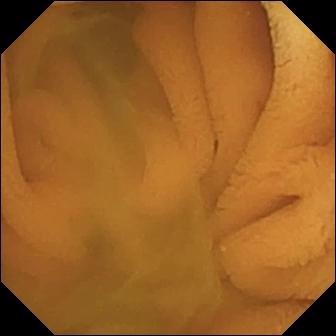Video capsule endoscopy view of the small bowel showing normal clean mucosa.